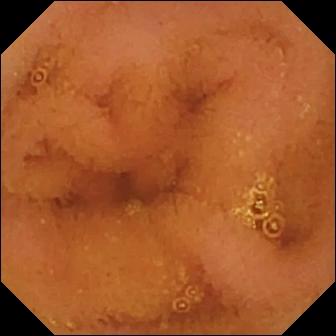Small-bowel capsule endoscopy view, small intestine
Finding: normal clean mucosa